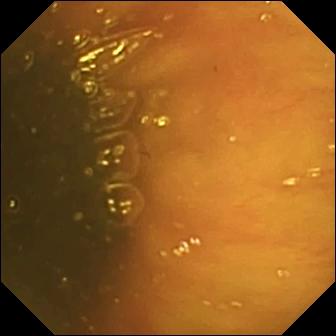Wireless capsule endoscopy still
Position: ileo-cecal valve region (where the capsule passes from the small bowel into the large bowel)